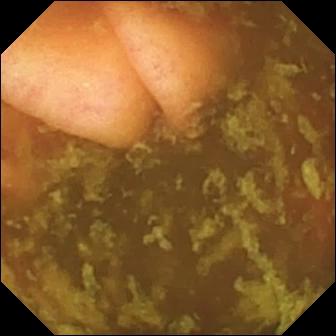Q: Where in the digestive tract was this VCE still taken?
A: Ileo-cecal valve region.